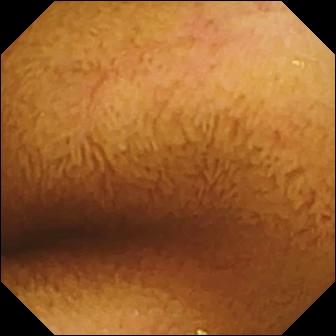Normal clean mucosa — video capsule endoscopy snapshot.